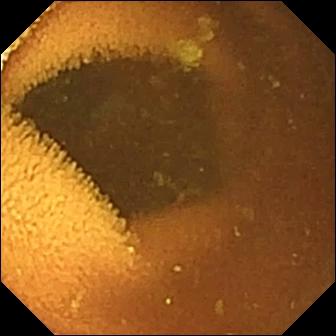{"modality": "small-bowel capsule endoscopy", "category": "luminal finding", "finding": "normal clean mucosa"}